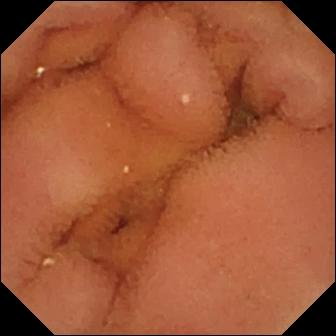This video capsule endoscopy view shows normal clean mucosa.